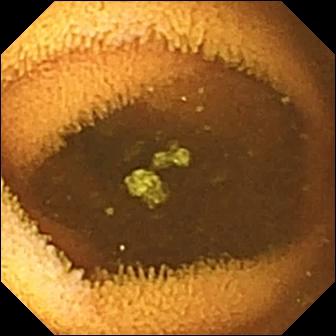Q: What does this WCE image of the small intestine show?
A: Normal clean mucosa.